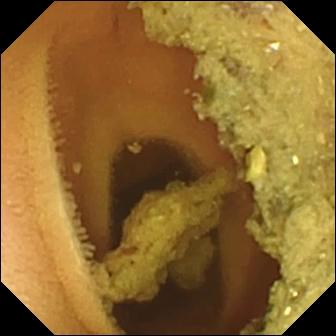Capsule endoscopy image (small bowel). Normal clean mucosa.